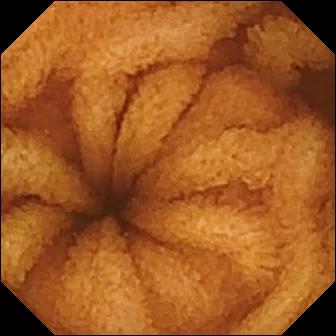Normal clean mucosa (336×336).